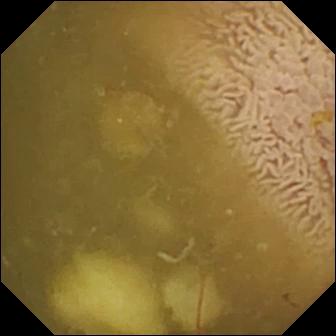{"modality": "VCE", "label": "ileo-cecal valve region (where the capsule passes from the small bowel into the large bowel)"}